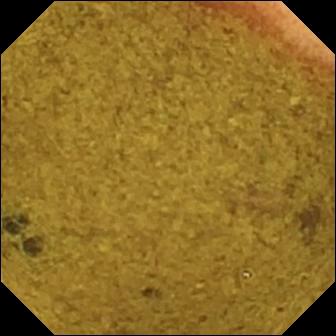Wireless capsule endoscopy. Position: ileo-cecal valve region (the transition from the small bowel to the large bowel).